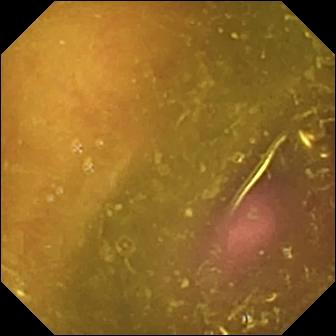VCE. Luminal finding. Observation: reduced mucosal view (content or bubbles obscuring the mucosa).